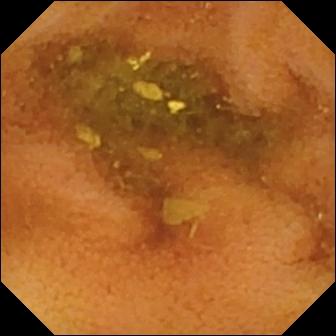VCE image
Observation: normal clean mucosa